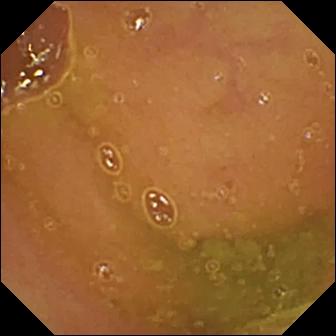Q: What does this capsule endoscopy frame show?
A: Normal clean mucosa.